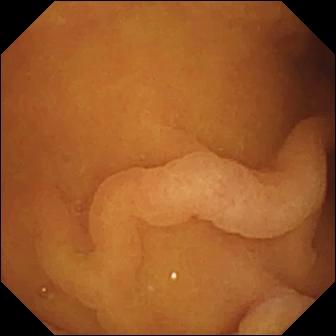Pylorus region.